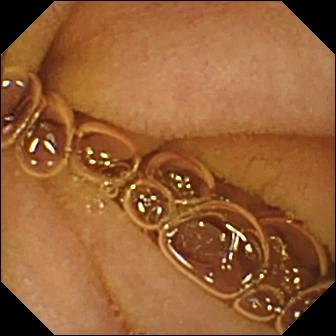Normal clean mucosa — wireless capsule endoscopy image.